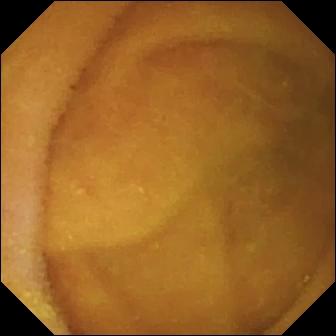Video capsule endoscopy still (small intestine). Normal clean mucosa.